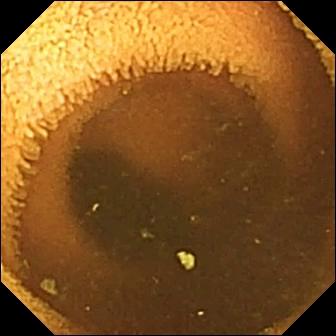Wireless capsule endoscopy. Small bowel. Label: normal clean mucosa.